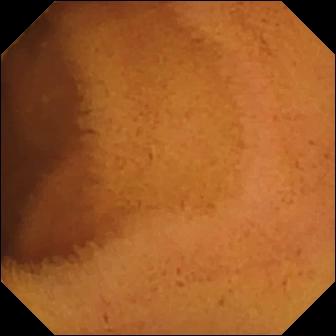Normal clean mucosa — capsule endoscopy still of the small bowel.